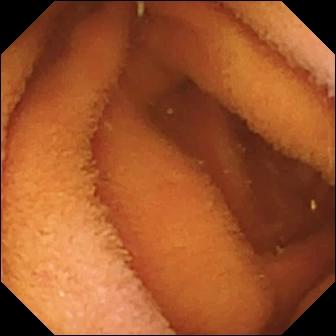Normal clean mucosa.